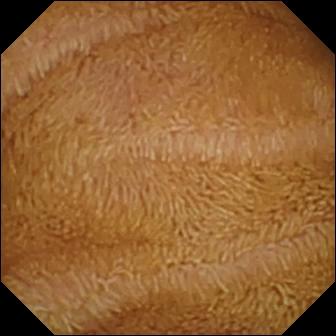This small-bowel capsule endoscopy frame of the small bowel shows normal clean mucosa.